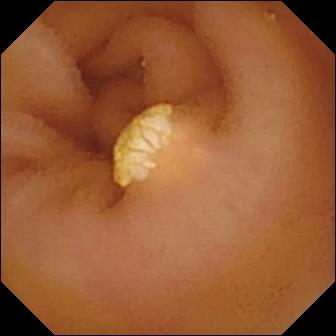Small-bowel capsule endoscopy frame. Lymphangiectasia.